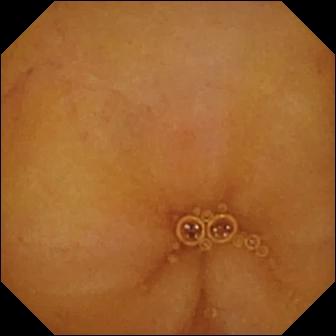Q: What does this VCE frame show?
A: Normal clean mucosa.